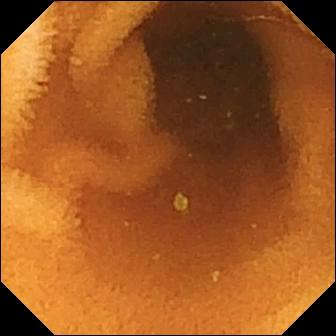- modality: VCE
- segment: small bowel
- category: luminal finding
- label: normal clean mucosa